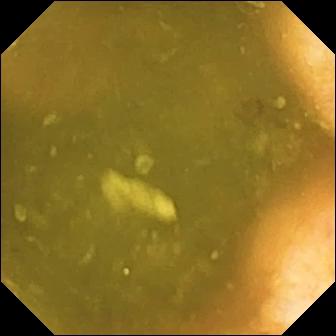{"modality": "small-bowel capsule endoscopy", "position": "ileo-cecal valve region (where the capsule passes from the small bowel into the large bowel)"}